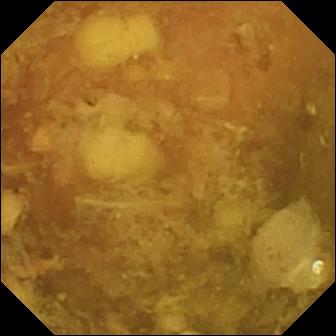WCE. Finding: reduced mucosal view (content or bubbles obscuring the mucosa).